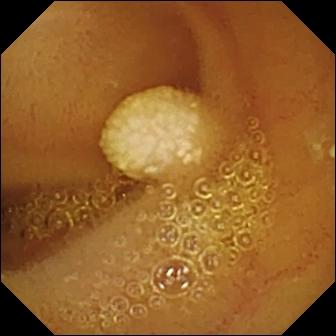VCE — lymphangiectasia.